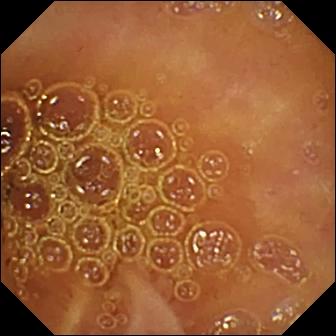This capsule endoscopy image of the small bowel shows normal clean mucosa.